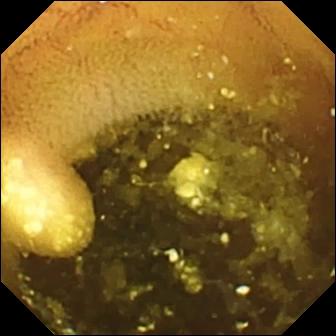Lymphangiectasia — VCE image.